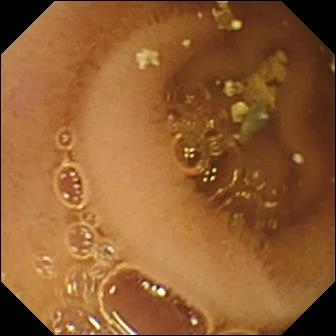Normal clean mucosa — WCE snapshot.